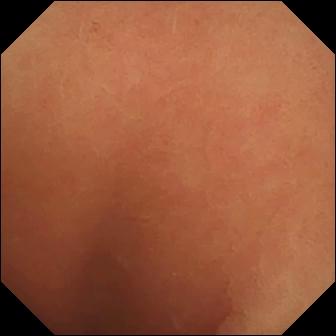- modality: video capsule endoscopy
- observation: normal clean mucosa